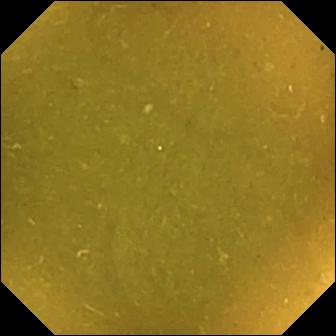This capsule endoscopy view was taken in the ileo-cecal valve region (where the capsule passes from the small bowel into the large bowel).